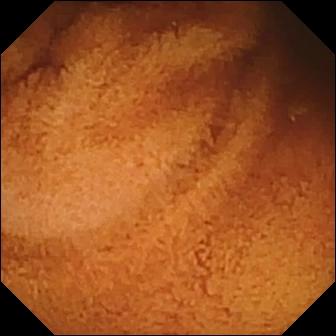Video capsule endoscopy — normal clean mucosa.